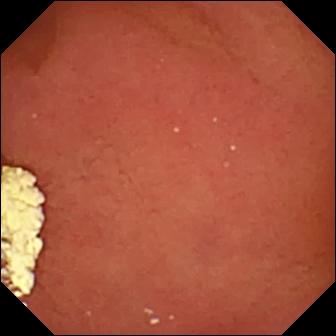Q: Where in the digestive tract was this video capsule endoscopy snapshot taken?
A: Pylorus region (where the capsule passes from the stomach into the small bowel).